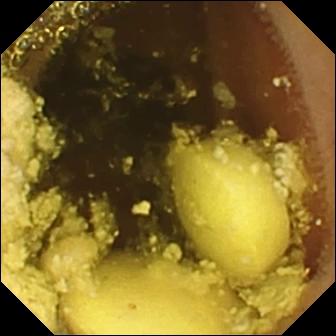WCE still
Impression: foreign body (e.g. retained capsule, tablet residue)